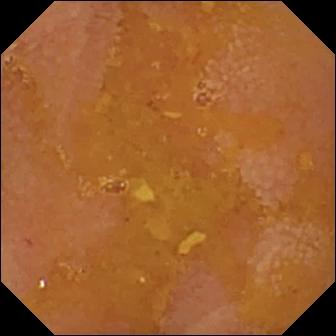{"modality": "small-bowel capsule endoscopy", "category": "luminal finding", "finding": "reduced mucosal view (content or bubbles obscuring the mucosa)"}